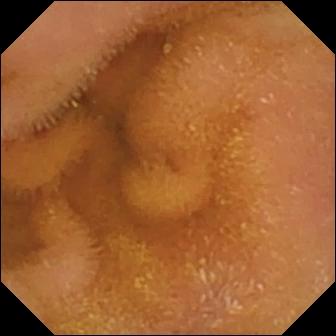VCE frame
Label: normal clean mucosa